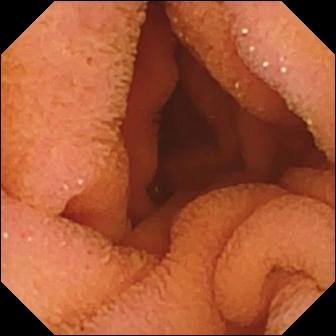VCE view (small bowel). Normal clean mucosa.